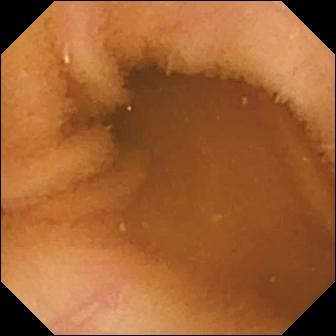modality: WCE; segment: small intestine; label: normal clean mucosa